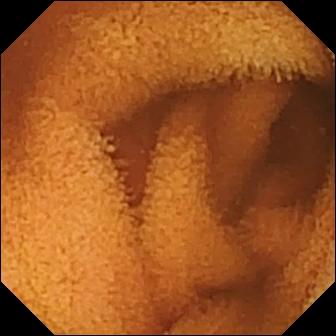Wireless capsule endoscopy still
Observation: normal clean mucosa